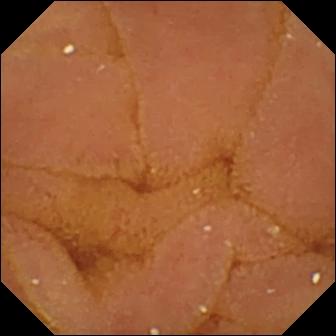- modality: small-bowel capsule endoscopy
- observation: normal clean mucosa